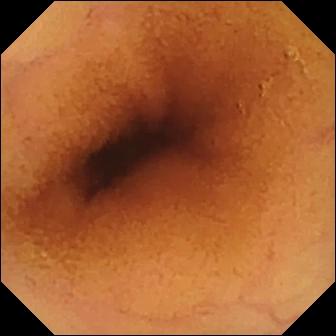VCE. Finding: normal clean mucosa.